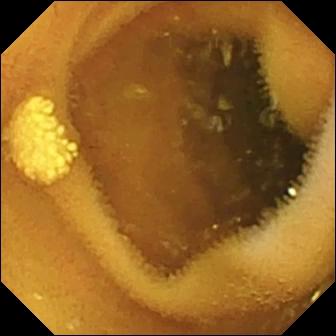Capsule endoscopy still. Lymphangiectasia.